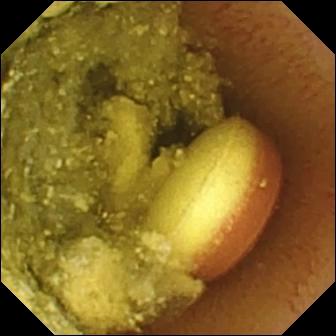Foreign body (e.g. retained capsule, tablet residue) — VCE snapshot.